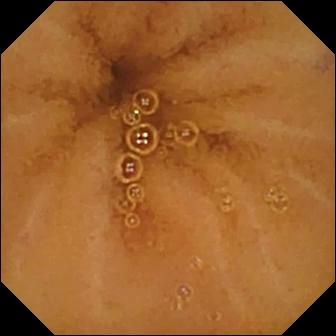modality: wireless capsule endoscopy
observation: normal clean mucosa